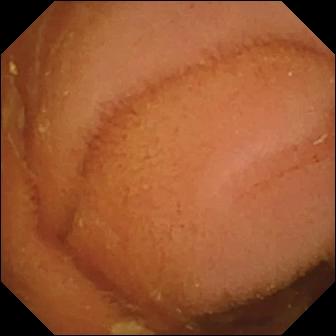modality: capsule endoscopy; label: normal clean mucosa